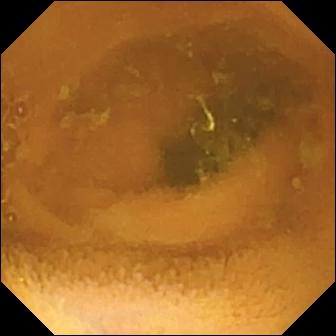WCE — normal clean mucosa.